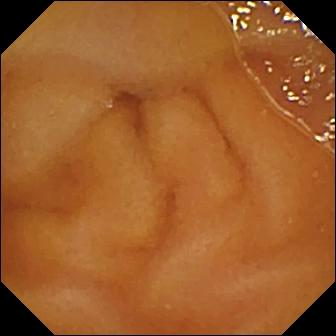modality: capsule endoscopy
segment: small intestine
label: normal clean mucosa